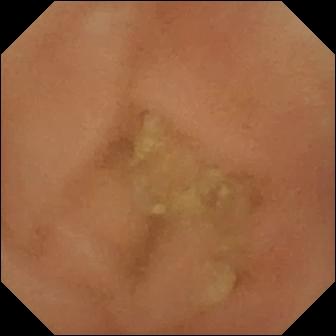Small-bowel capsule endoscopy image showing normal clean mucosa.